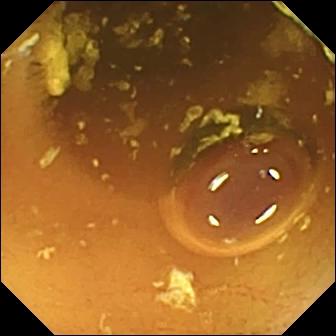{"modality": "WCE", "finding": "normal clean mucosa"}